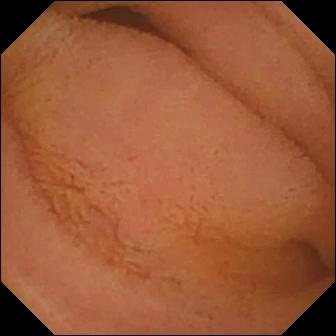Video capsule endoscopy — normal clean mucosa.